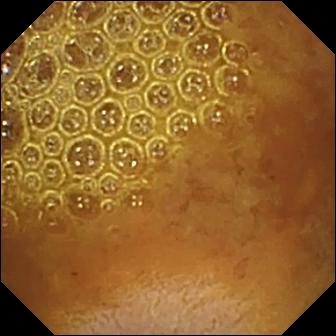- modality: video capsule endoscopy
- segment: small intestine
- label: reduced mucosal view (content or bubbles obscuring the mucosa)